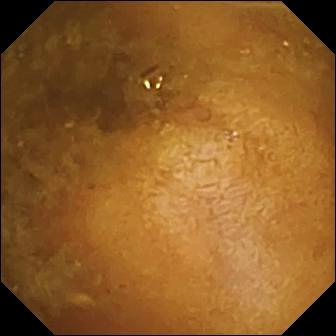WCE snapshot (small intestine). Reduced mucosal view (content or bubbles obscuring the mucosa).